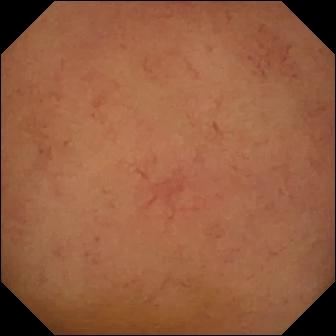Normal clean mucosa — VCE view.